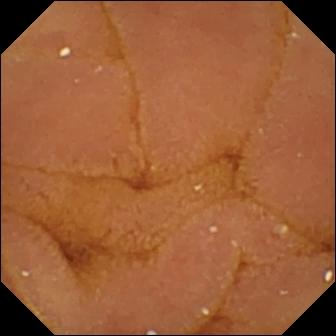Normal clean mucosa — WCE still of the small intestine.